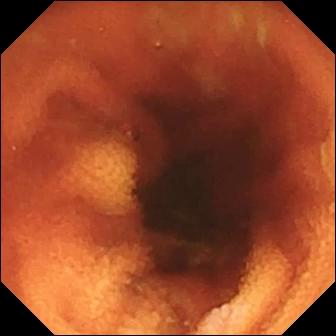Capsule endoscopy image taken in the ileo-cecal valve region.